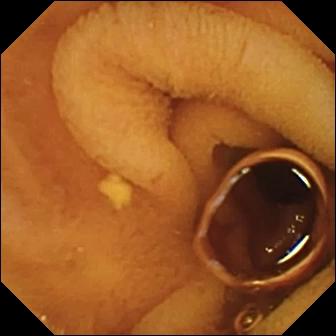VCE — normal clean mucosa.